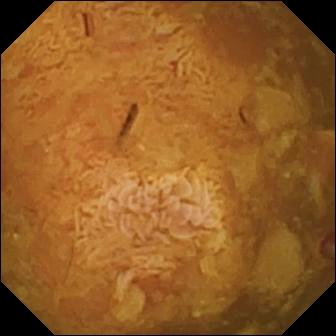Capsule endoscopy view of the small intestine showing reduced mucosal view (content or bubbles obscuring the mucosa).